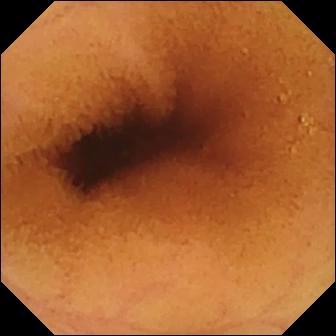Normal clean mucosa.